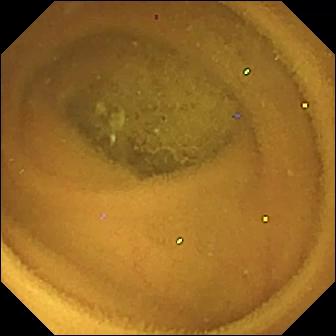Normal clean mucosa.